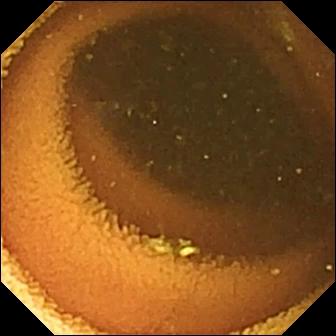VCE still showing normal clean mucosa.